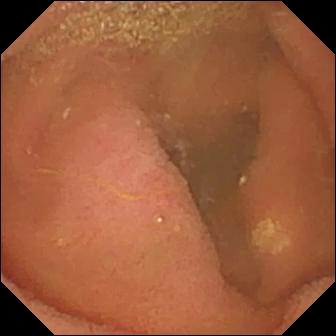Small-bowel capsule endoscopy snapshot
Impression: lymphangiectasia